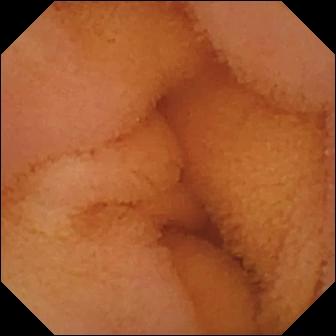Q: What does this wireless capsule endoscopy image of the small bowel show?
A: Normal clean mucosa.